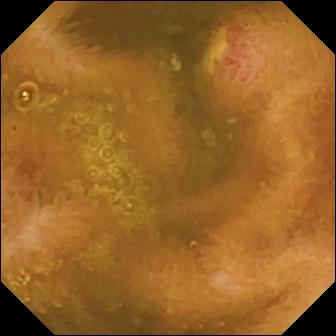- modality: small-bowel capsule endoscopy
- finding: ulcer